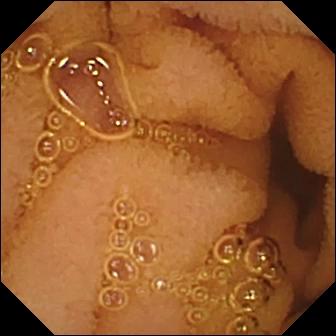- modality: wireless capsule endoscopy
- segment: small bowel
- finding: normal clean mucosa